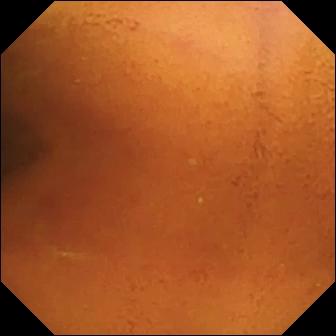Normal clean mucosa — WCE image of the small intestine.